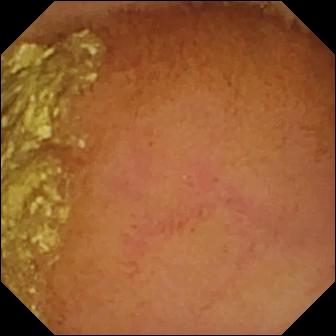PROCEDURE: Small-bowel capsule endoscopy.
FINDINGS: Normal clean mucosa.